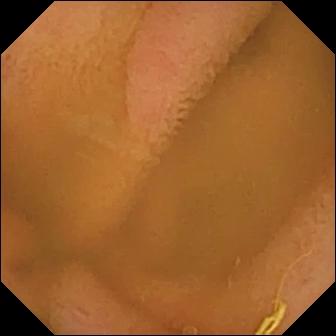Small-bowel capsule endoscopy — normal clean mucosa.